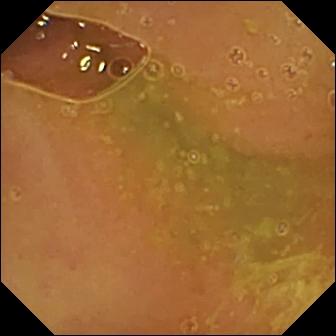Capsule endoscopy still. Normal clean mucosa.